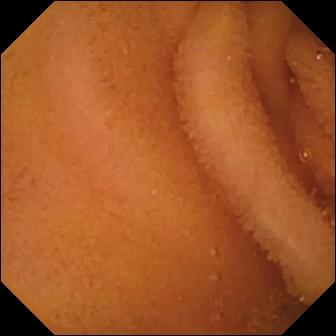Wireless capsule endoscopy image. Normal clean mucosa.